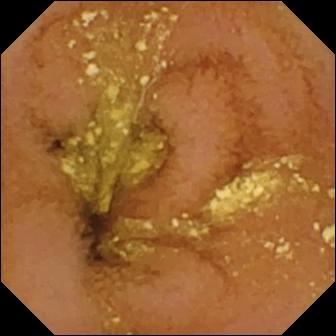Q: What does this VCE view of the small bowel show?
A: Normal clean mucosa.